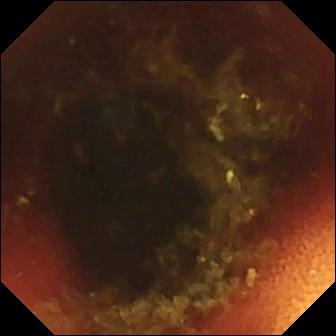Ileo-cecal valve region (where the capsule passes from the small bowel into the large bowel).